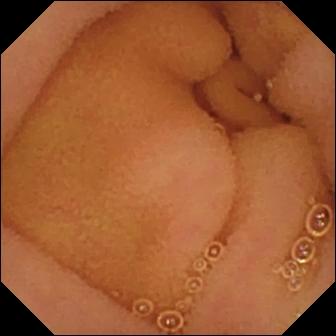PROCEDURE: Small-bowel capsule endoscopy.
FINDINGS: Normal clean mucosa.